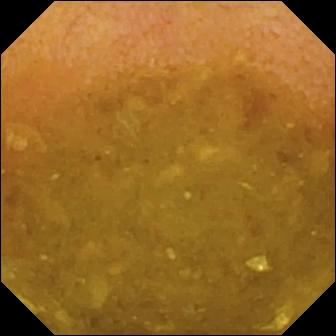PROCEDURE: VCE.
SEGMENT: Small bowel.
FINDINGS: Reduced mucosal view (content or bubbles obscuring the mucosa).